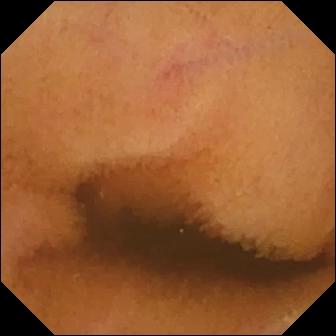- modality: wireless capsule endoscopy
- category: luminal finding
- label: normal clean mucosa